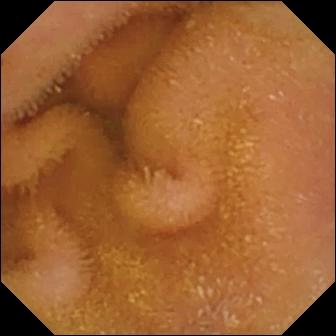{"modality": "VCE", "finding": "normal clean mucosa"}